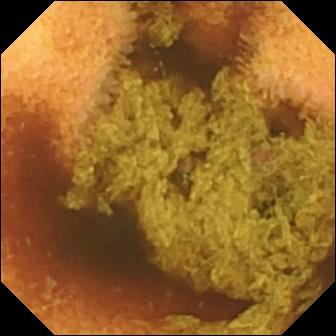- modality: WCE
- label: normal clean mucosa